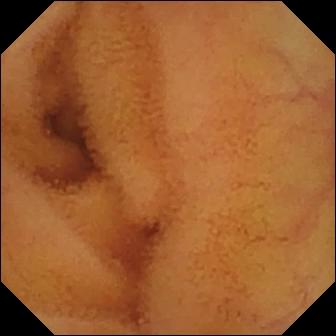Video capsule endoscopy — normal clean mucosa.